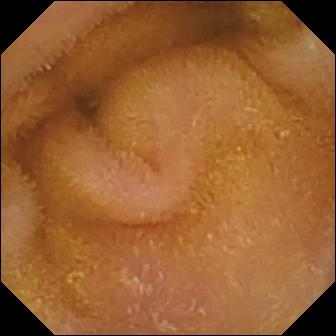VCE frame (small intestine). Normal clean mucosa.